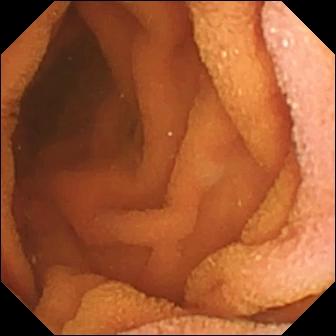This WCE frame shows normal clean mucosa.